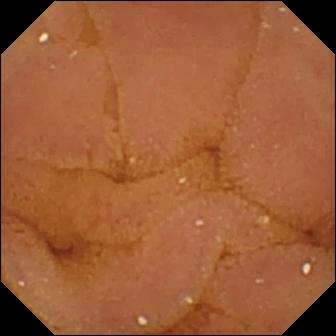- modality: capsule endoscopy
- label: normal clean mucosa